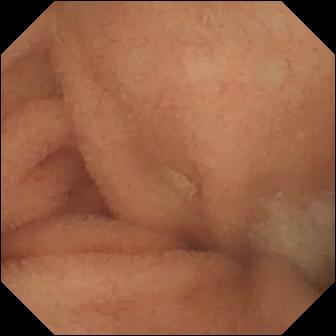modality: wireless capsule endoscopy | label: normal clean mucosa